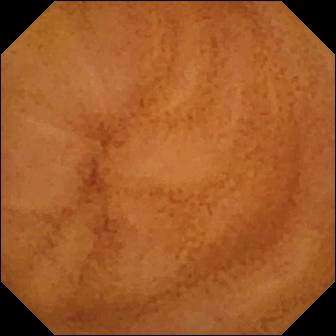{"modality": "capsule endoscopy", "finding": "normal clean mucosa"}